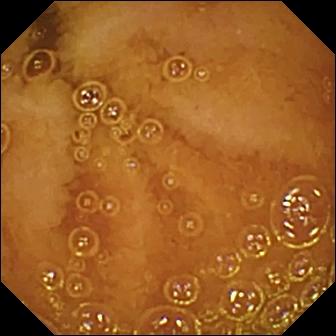PROCEDURE: VCE.
SEGMENT: Small bowel.
FINDINGS: Normal clean mucosa.